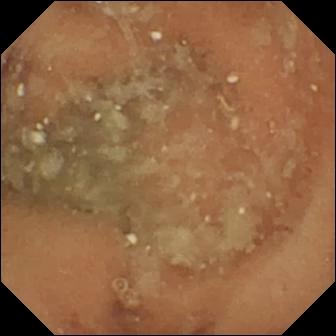WCE frame, 336×336. Normal clean mucosa.